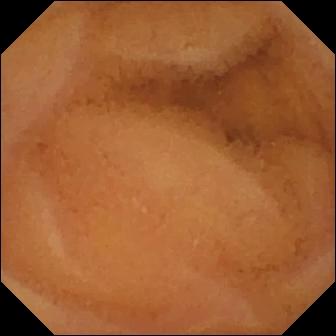Video capsule endoscopy frame, 336×336. Normal clean mucosa.